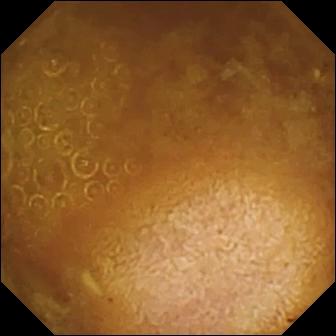This WCE snapshot shows reduced mucosal view (content or bubbles obscuring the mucosa).